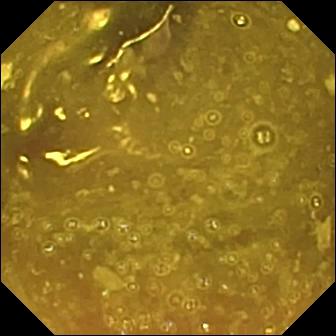Reduced mucosal view (content or bubbles obscuring the mucosa).